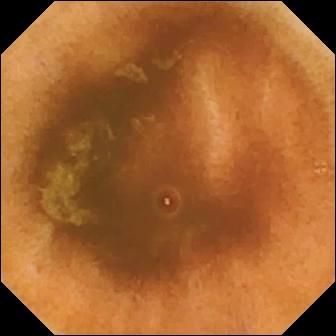Normal clean mucosa — VCE still of the small bowel.